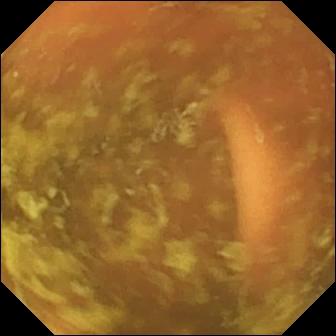Ileo-cecal valve region.